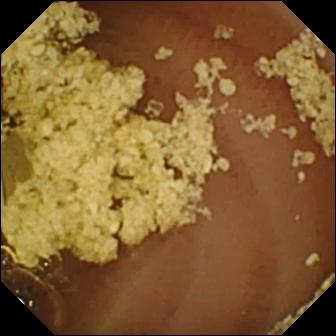VCE. Label: normal clean mucosa.